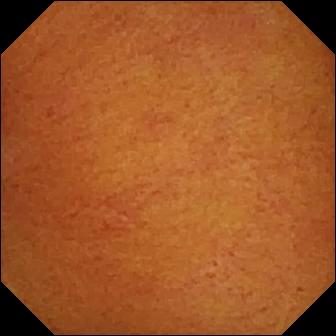Q: What does this WCE snapshot of the small intestine show?
A: Normal clean mucosa.